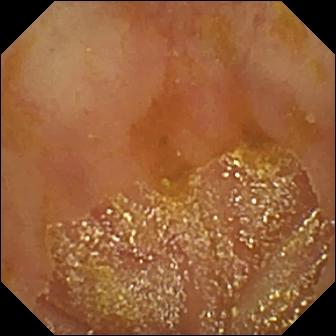Ileo-cecal valve region (the transition from the small bowel to the large bowel).